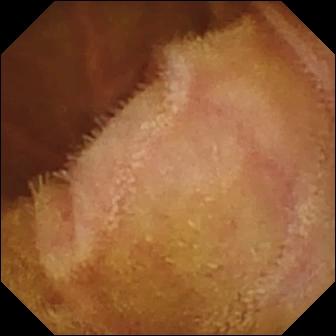modality: capsule endoscopy | segment: small intestine | finding: normal clean mucosa